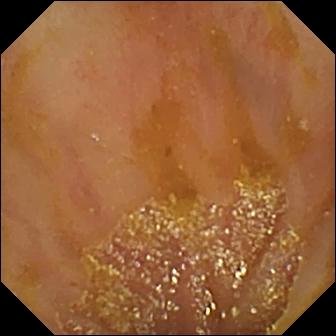Q: Where in the digestive tract was this wireless capsule endoscopy still taken?
A: Ileo-cecal valve region (the transition from the small bowel to the large bowel).